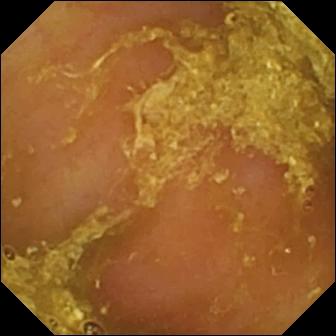{"modality": "wireless capsule endoscopy", "segment": "small bowel", "finding": "reduced mucosal view (content or bubbles obscuring the mucosa)"}